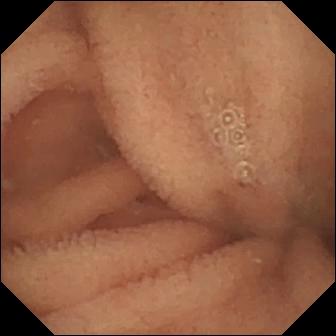{"modality": "small-bowel capsule endoscopy", "finding": "normal clean mucosa"}